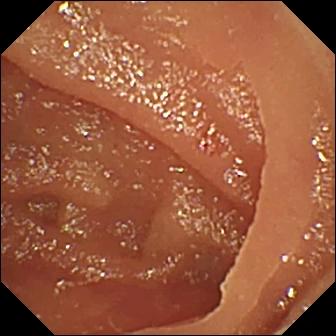WCE still
Finding: angiectasia